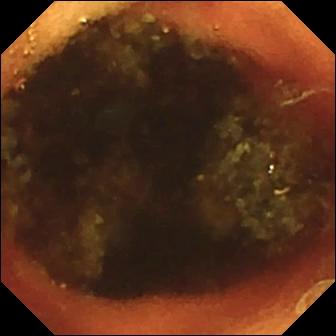Video capsule endoscopy frame. Taken in the ileo-cecal valve region (the transition from the small bowel to the large bowel).